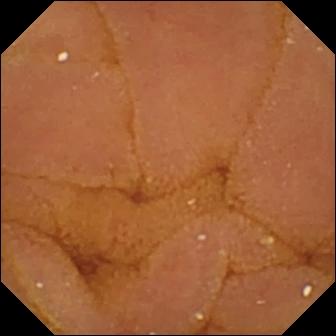Normal clean mucosa — small-bowel capsule endoscopy view of the small bowel.